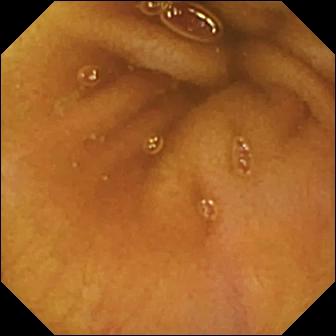PROCEDURE: Capsule endoscopy.
FINDINGS: Normal clean mucosa.